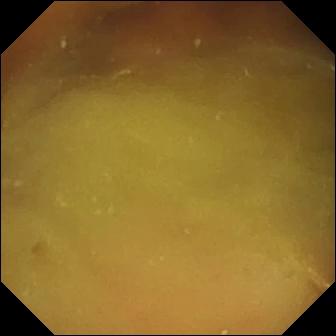modality: video capsule endoscopy | category: luminal finding | label: normal clean mucosa